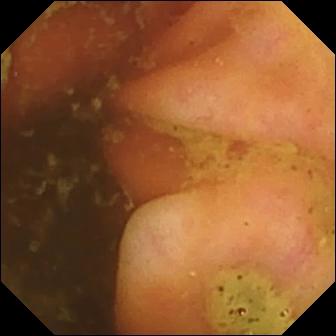WCE snapshot
Location: ileo-cecal valve region (the transition from the small bowel to the large bowel)